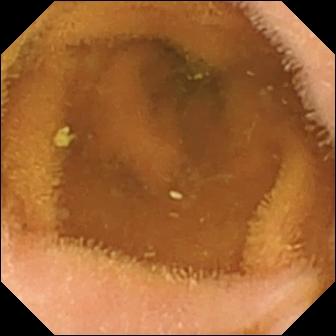Wireless capsule endoscopy. Small intestine. Label: normal clean mucosa.